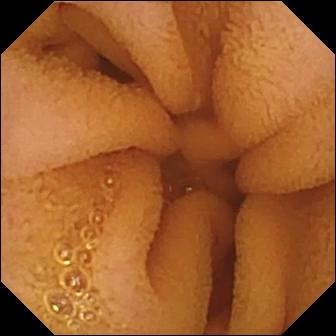Small-bowel capsule endoscopy — normal clean mucosa.